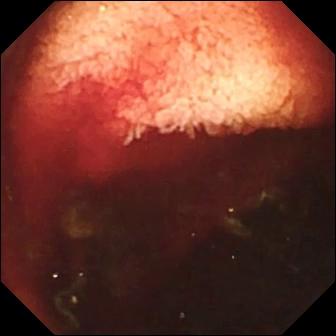modality: WCE | impression: fresh blood in the lumen